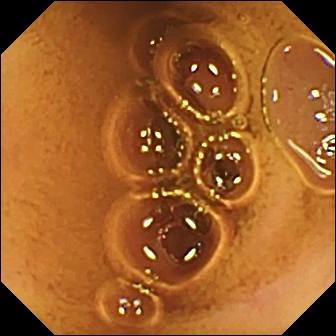Capsule endoscopy. Small bowel. Luminal finding. Finding: normal clean mucosa.